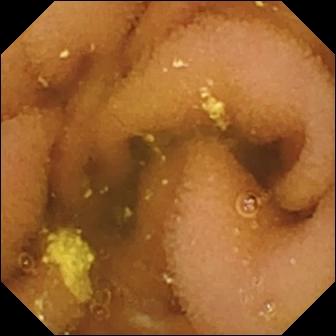WCE — lymphangiectasia.